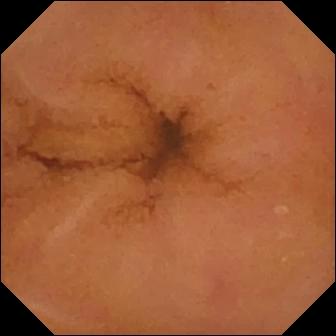Wireless capsule endoscopy — normal clean mucosa.